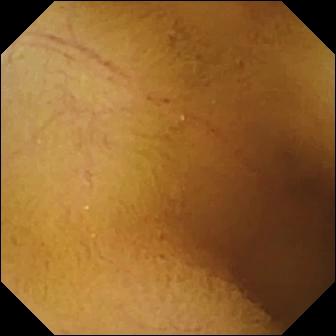WCE view, small bowel
Label: normal clean mucosa